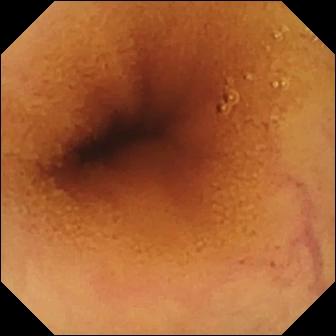WCE view (small intestine), 336×336. Normal clean mucosa.